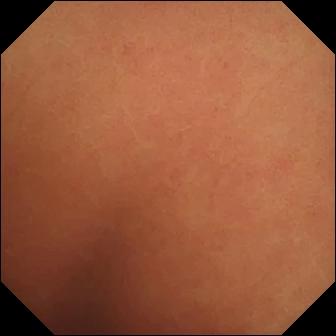This wireless capsule endoscopy view shows normal clean mucosa.